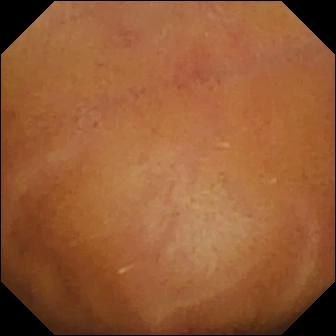Normal clean mucosa — WCE still.